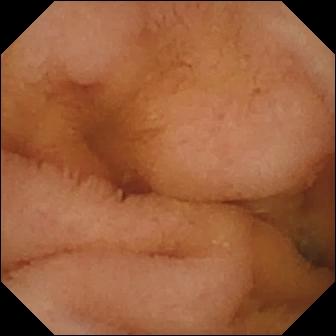Normal clean mucosa — VCE frame.